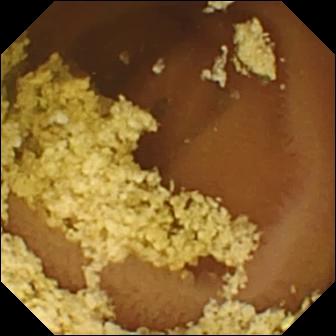{"modality": "VCE", "finding": "normal clean mucosa"}